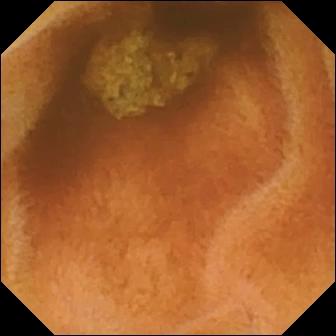modality: WCE
observation: normal clean mucosa